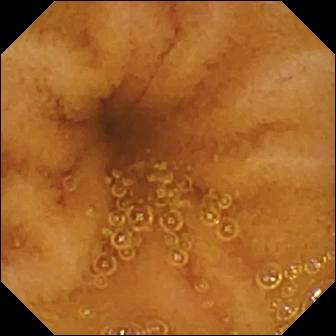This small-bowel capsule endoscopy frame shows normal clean mucosa.